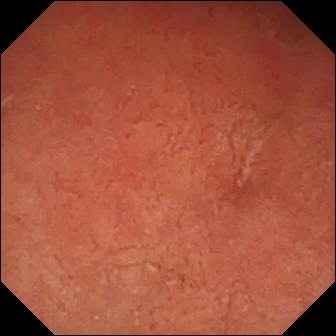Capsule endoscopy still
Position: pylorus region (where the capsule passes from the stomach into the small bowel)